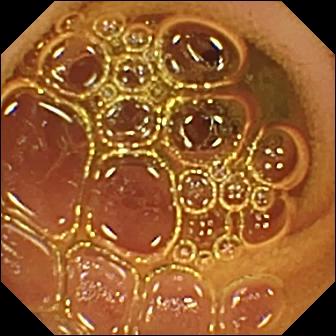WCE snapshot, small intestine
Impression: normal clean mucosa